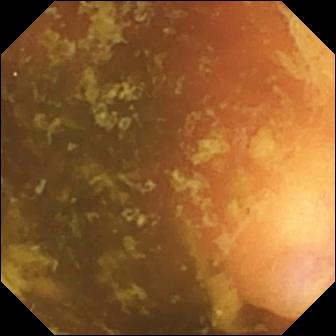Wireless capsule endoscopy — ileo-cecal valve region.